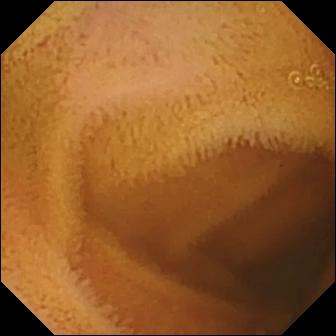Video capsule endoscopy. Small intestine. Luminal finding. Impression: normal clean mucosa.